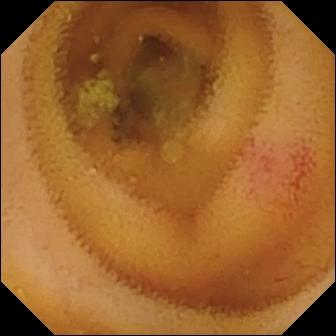Angiectasia — VCE snapshot.